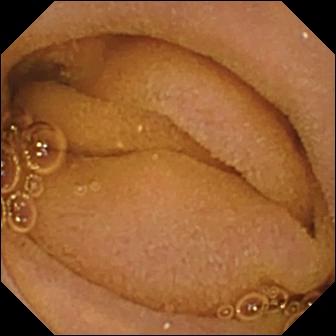Small-bowel capsule endoscopy. Observation: normal clean mucosa.